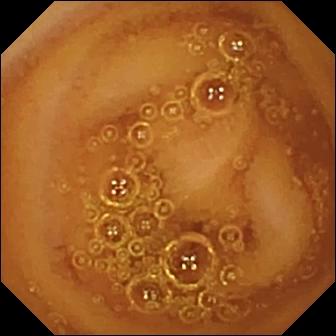{"modality": "VCE", "finding": "normal clean mucosa"}